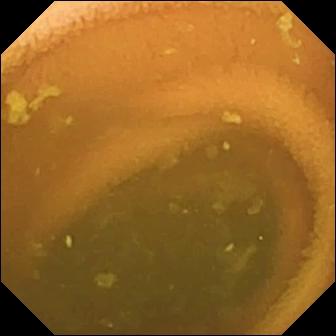VCE snapshot (small intestine), 336×336. Normal clean mucosa.